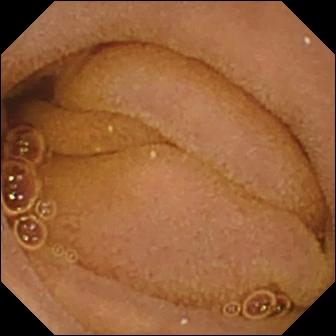Small-bowel capsule endoscopy image. Normal clean mucosa.